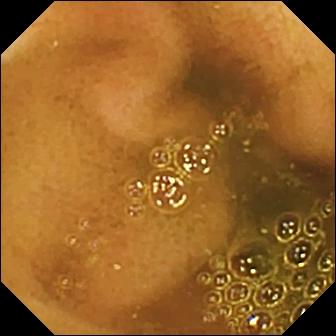This wireless capsule endoscopy view was taken in the ileo-cecal valve region.